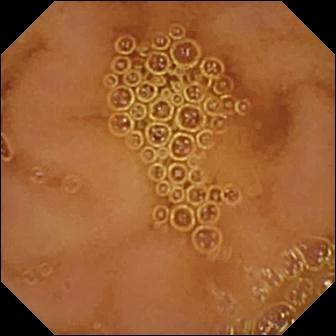modality: capsule endoscopy
category: luminal finding
finding: normal clean mucosa